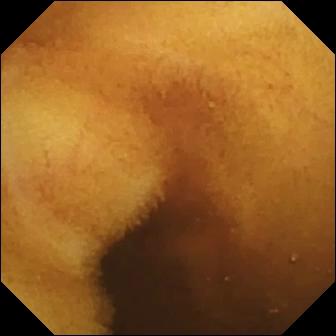Normal clean mucosa.